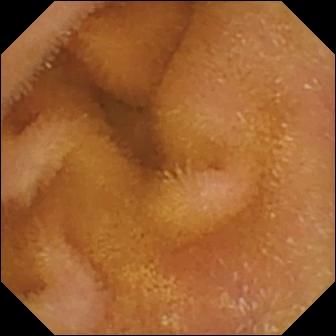Normal clean mucosa — VCE image of the small bowel.